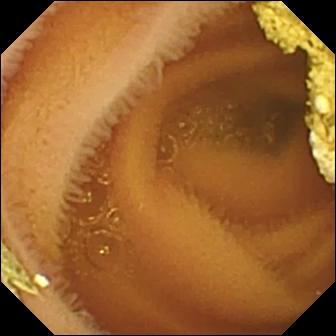Q: What does this capsule endoscopy view show?
A: Normal clean mucosa.